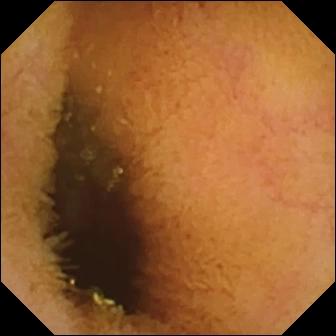PROCEDURE: WCE.
FINDINGS: Normal clean mucosa.